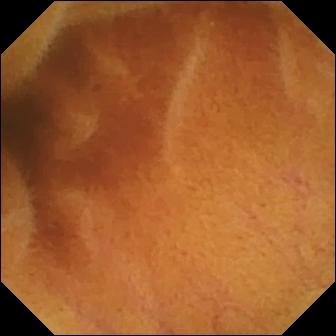Normal clean mucosa — video capsule endoscopy still.